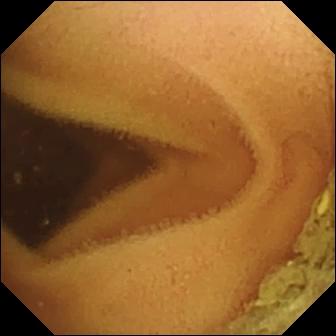VCE view (small bowel). Normal clean mucosa.